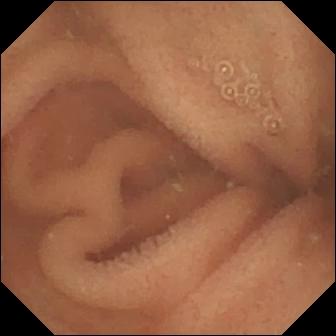Small-bowel capsule endoscopy view
Observation: normal clean mucosa